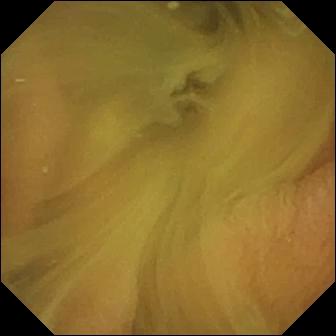Normal clean mucosa — wireless capsule endoscopy still.